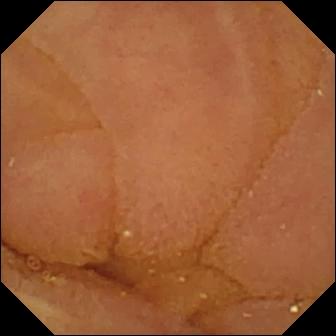- modality: VCE
- segment: small intestine
- category: luminal finding
- observation: normal clean mucosa